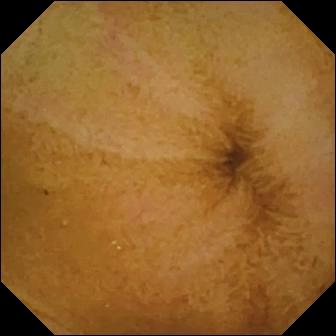Video capsule endoscopy — normal clean mucosa.